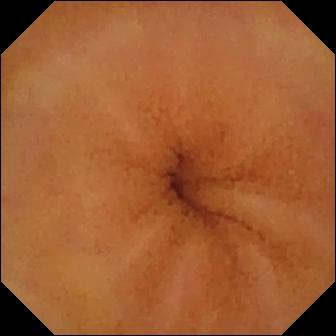Wireless capsule endoscopy snapshot of the small bowel showing normal clean mucosa.